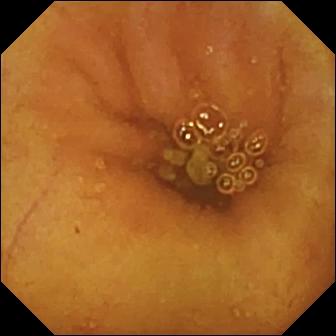This small-bowel capsule endoscopy still was taken in the ileo-cecal valve region.